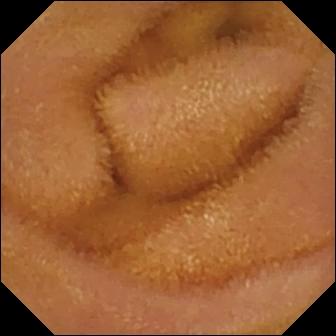Wireless capsule endoscopy still of the small bowel showing normal clean mucosa.